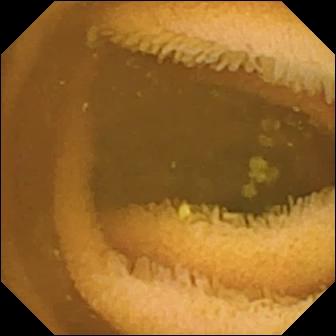modality: VCE; segment: small intestine; category: luminal finding; observation: normal clean mucosa